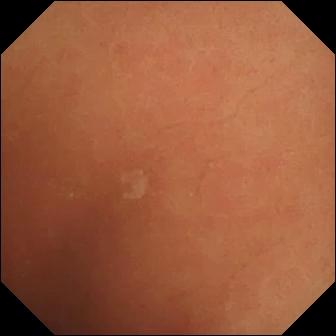{"modality": "video capsule endoscopy", "category": "luminal finding", "finding": "normal clean mucosa"}